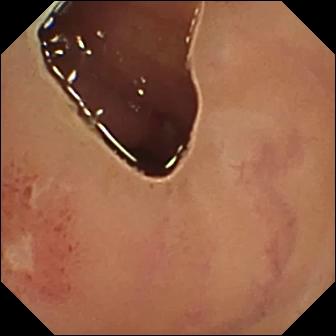This capsule endoscopy view shows ulcer.